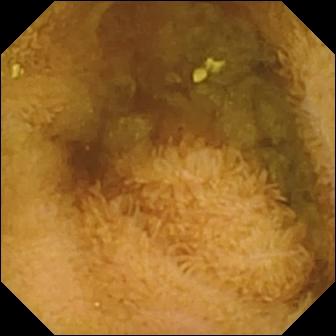Small-bowel capsule endoscopy frame of the small bowel showing normal clean mucosa.